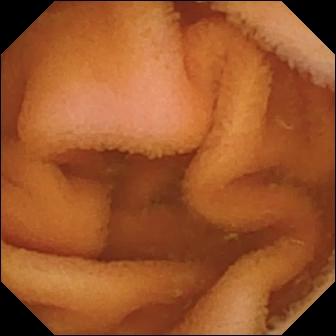Normal clean mucosa — small-bowel capsule endoscopy frame.